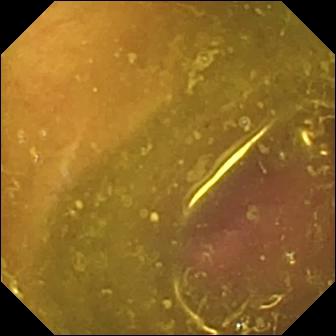Q: What does this small-bowel capsule endoscopy frame show?
A: Reduced mucosal view (content or bubbles obscuring the mucosa).